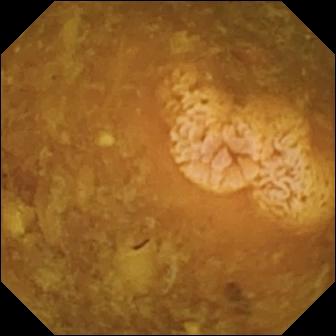VCE. Small bowel. Label: reduced mucosal view (content or bubbles obscuring the mucosa).